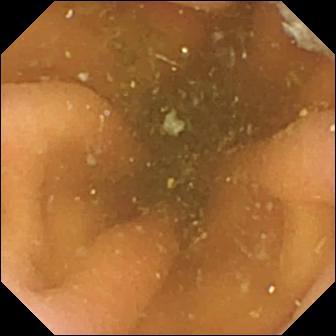Pylorus region, 336×336.